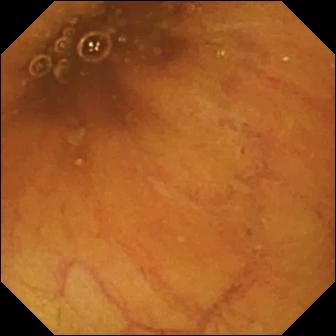Capsule endoscopy still taken in the ileo-cecal valve region (where the capsule passes from the small bowel into the large bowel).